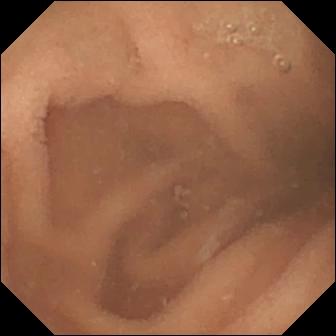Small-bowel capsule endoscopy — normal clean mucosa.